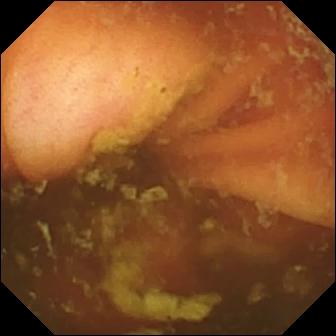Capsule endoscopy image. Taken in the ileo-cecal valve region (where the capsule passes from the small bowel into the large bowel).